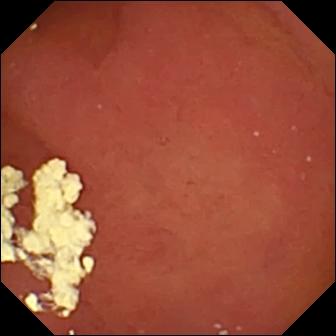Wireless capsule endoscopy. Video segment: pylorus region (where the capsule passes from the stomach into the small bowel).